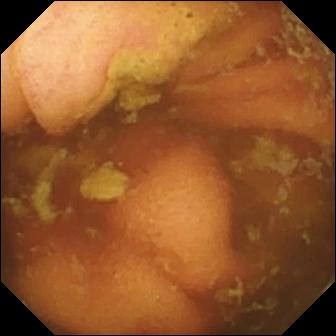{"modality": "small-bowel capsule endoscopy", "category": "anatomical landmark", "label": "ileo-cecal valve region (the transition from the small bowel to the large bowel)"}